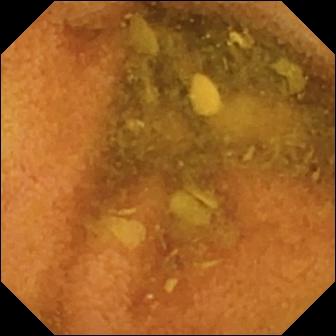WCE — normal clean mucosa.